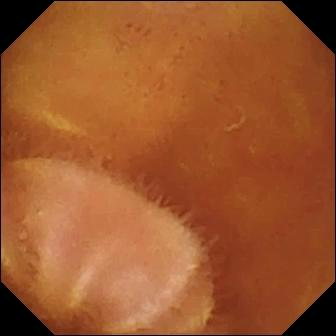Normal clean mucosa — wireless capsule endoscopy image.